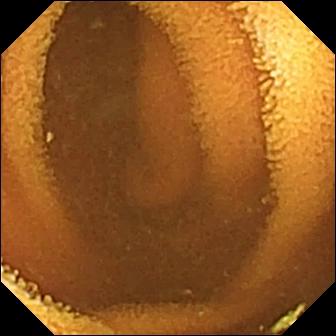This wireless capsule endoscopy snapshot shows normal clean mucosa.